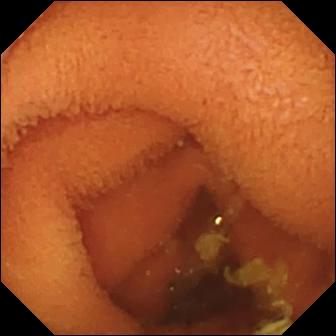Small-bowel capsule endoscopy still
Finding: normal clean mucosa